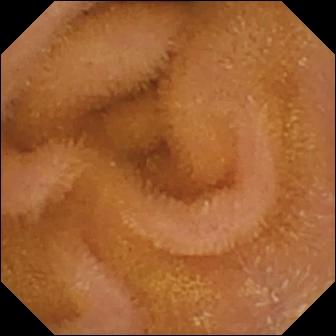Q: What does this video capsule endoscopy still show?
A: Normal clean mucosa.